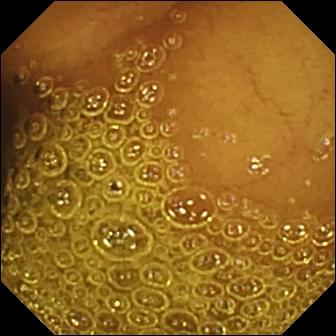Small-bowel capsule endoscopy still, small intestine
Impression: normal clean mucosa